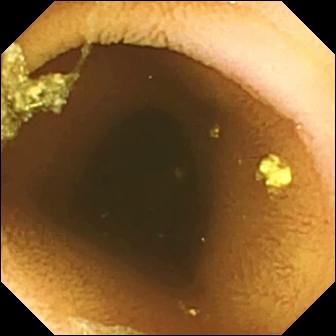PROCEDURE: VCE.
SEGMENT: Small intestine.
FINDINGS: Normal clean mucosa.